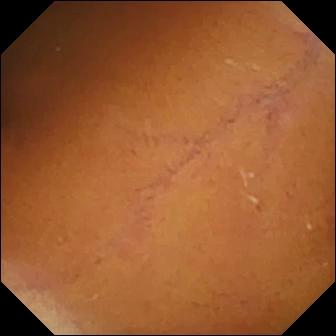PROCEDURE: Video capsule endoscopy.
FINDINGS: Normal clean mucosa.